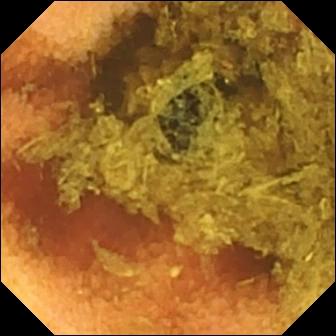WCE. Small intestine. Luminal finding. Label: normal clean mucosa.